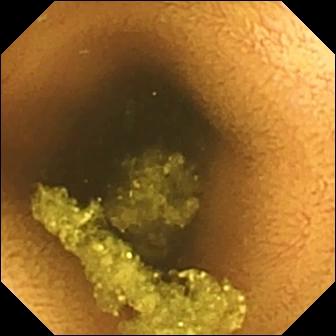Q: What does this capsule endoscopy frame of the small intestine show?
A: Normal clean mucosa.